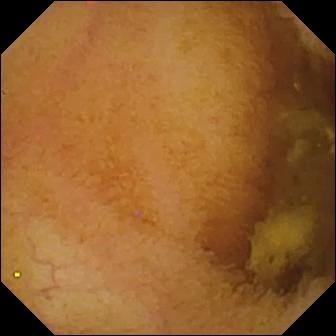modality: VCE | label: normal clean mucosa